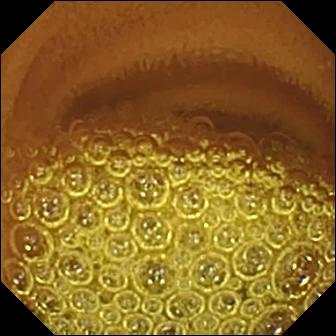Video capsule endoscopy. Observation: normal clean mucosa.